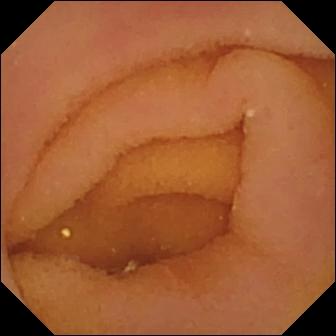VCE view. Taken in the pylorus region.